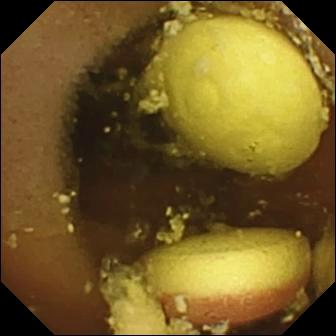VCE image
Impression: foreign body (e.g. retained capsule, tablet residue)